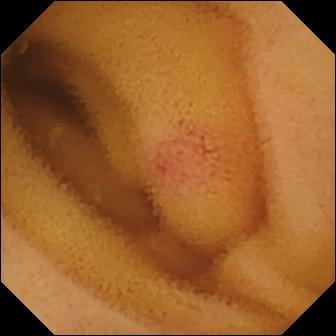Angiectasia — WCE view.